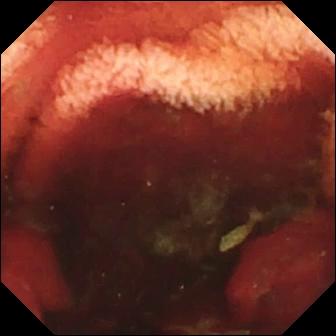PROCEDURE: Video capsule endoscopy.
FINDINGS: Fresh blood in the lumen.